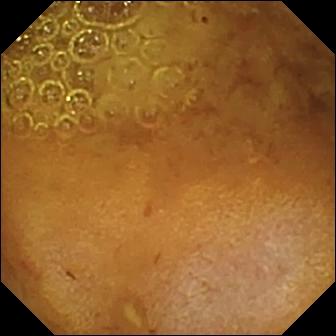PROCEDURE: Capsule endoscopy.
FINDINGS: Reduced mucosal view (content or bubbles obscuring the mucosa).